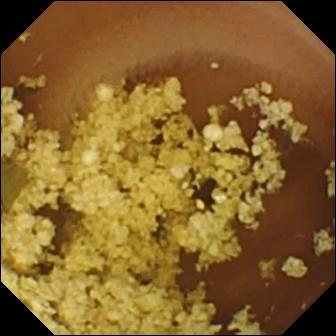PROCEDURE: Small-bowel capsule endoscopy.
FINDINGS: Normal clean mucosa.